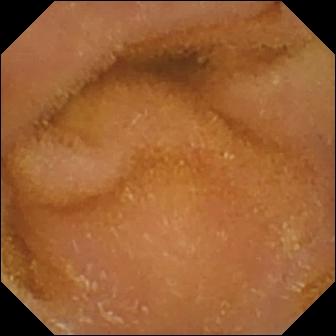This VCE frame shows normal clean mucosa.